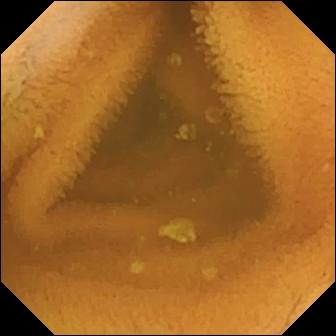This video capsule endoscopy frame shows normal clean mucosa.